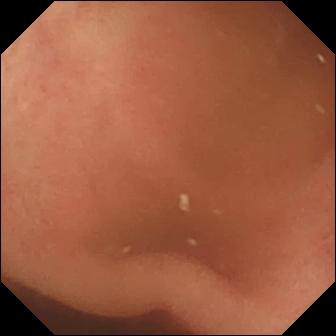Wireless capsule endoscopy still
Position: pylorus region